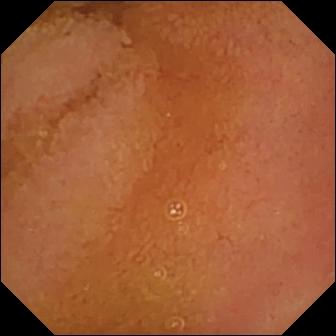PROCEDURE: WCE.
SEGMENT: Small bowel.
FINDINGS: Normal clean mucosa.